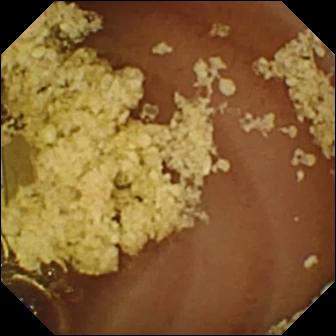modality: small-bowel capsule endoscopy
category: luminal finding
finding: normal clean mucosa